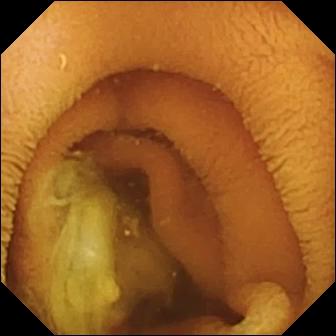- modality: wireless capsule endoscopy
- segment: small bowel
- category: luminal finding
- finding: normal clean mucosa